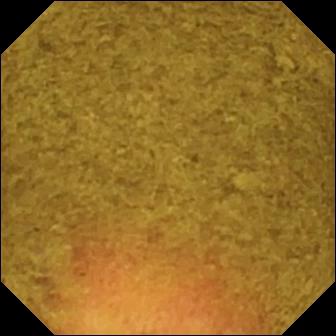VCE still taken in the ileo-cecal valve region (the transition from the small bowel to the large bowel).